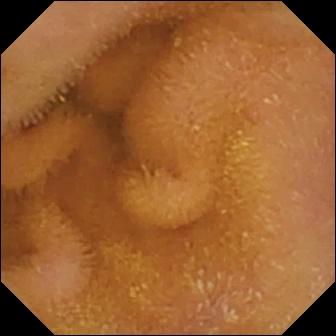This VCE image of the small intestine shows normal clean mucosa.